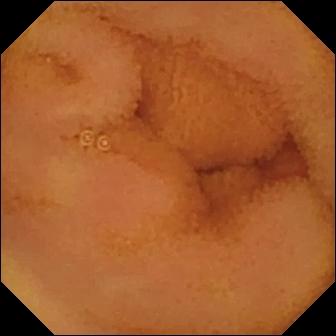PROCEDURE: Video capsule endoscopy.
SEGMENT: Small intestine.
FINDINGS: Normal clean mucosa.